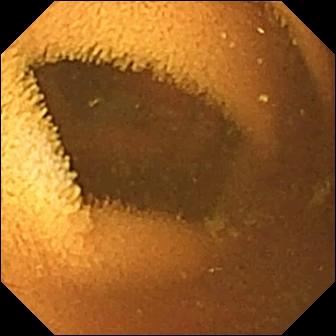This capsule endoscopy snapshot shows normal clean mucosa.